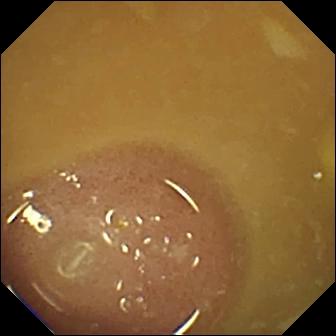PROCEDURE: Video capsule endoscopy.
LOCATION: Ileo-cecal valve region.